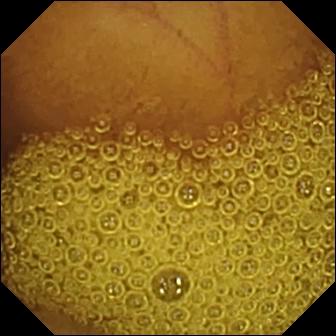Wireless capsule endoscopy — normal clean mucosa.